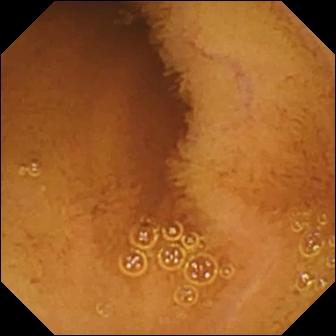modality: small-bowel capsule endoscopy | segment: small bowel | observation: normal clean mucosa